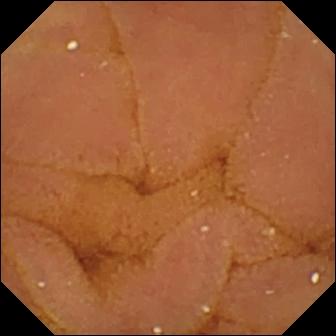Wireless capsule endoscopy. Impression: normal clean mucosa.